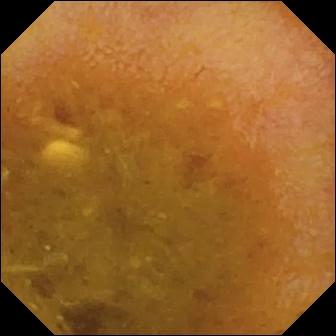VCE view, small bowel
Impression: reduced mucosal view (content or bubbles obscuring the mucosa)